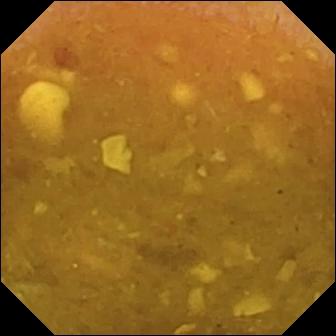PROCEDURE: Capsule endoscopy.
SEGMENT: Small bowel.
FINDINGS: Reduced mucosal view (content or bubbles obscuring the mucosa).